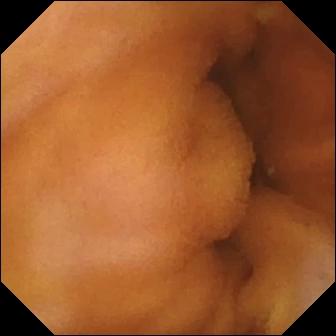{"modality": "capsule endoscopy", "finding": "normal clean mucosa"}